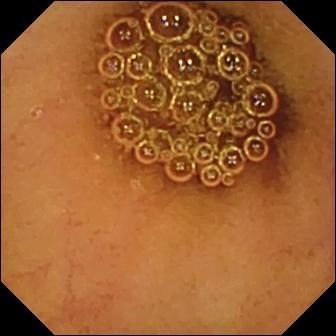{"modality": "small-bowel capsule endoscopy", "segment": "small bowel", "finding": "normal clean mucosa"}